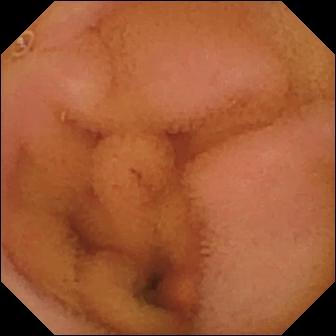WCE image
Finding: normal clean mucosa